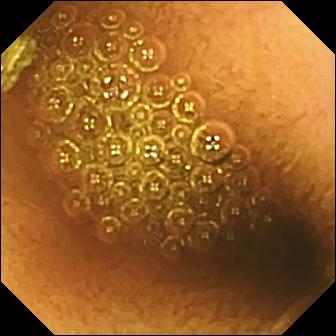Wireless capsule endoscopy. Label: reduced mucosal view (content or bubbles obscuring the mucosa).